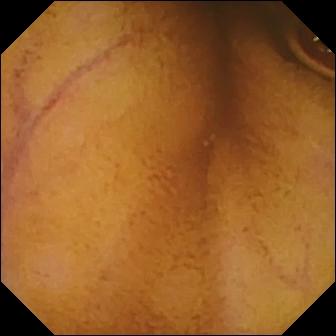{"modality": "video capsule endoscopy", "segment": "small bowel", "finding": "normal clean mucosa"}